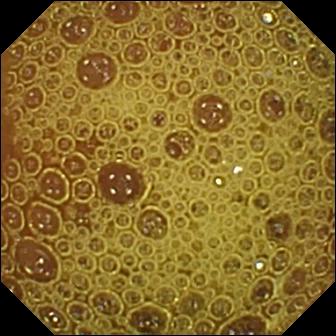Q: What does this VCE snapshot of the small intestine show?
A: Normal clean mucosa.